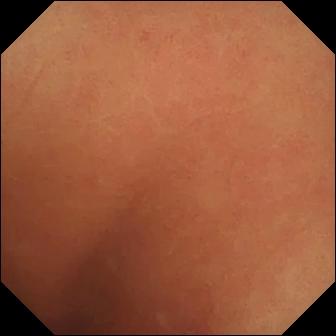Normal clean mucosa — wireless capsule endoscopy frame.